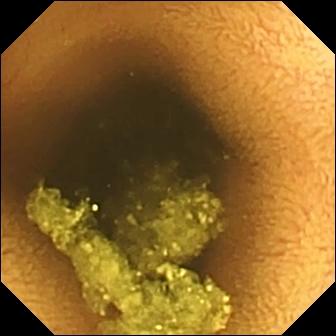Small-bowel capsule endoscopy. Luminal finding. Impression: normal clean mucosa.